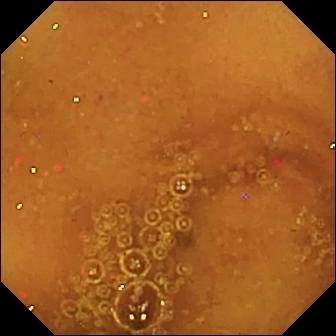Normal clean mucosa (336×336).